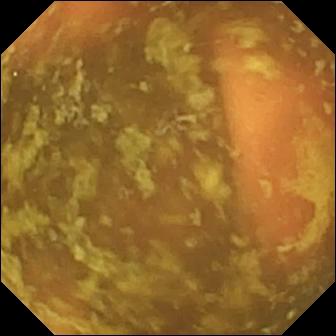modality: video capsule endoscopy | category: anatomical landmark | video segment: ileo-cecal valve region (where the capsule passes from the small bowel into the large bowel)